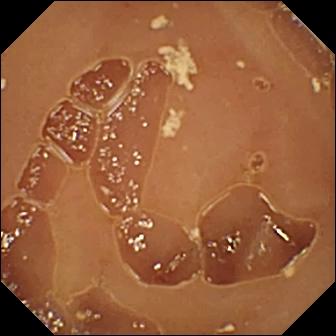VCE still (small bowel). Normal clean mucosa.